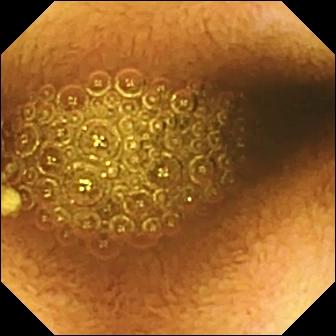This small-bowel capsule endoscopy still shows reduced mucosal view (content or bubbles obscuring the mucosa).